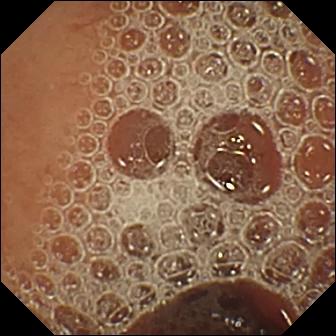Normal clean mucosa — small-bowel capsule endoscopy snapshot.